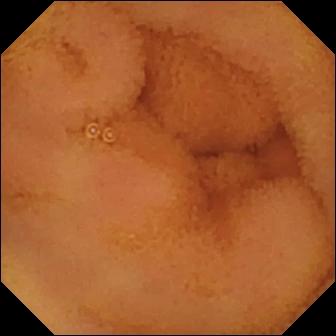Q: What does this small-bowel capsule endoscopy image of the small bowel show?
A: Normal clean mucosa.